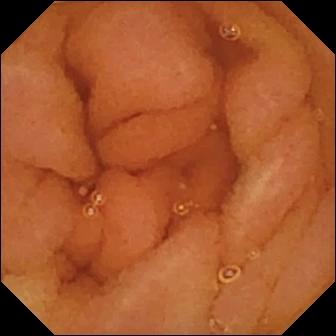Wireless capsule endoscopy still (small bowel), 336×336. Normal clean mucosa.